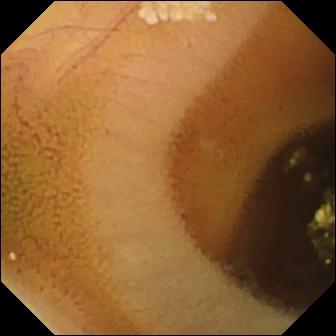{"modality": "capsule endoscopy", "finding": "lymphangiectasia"}